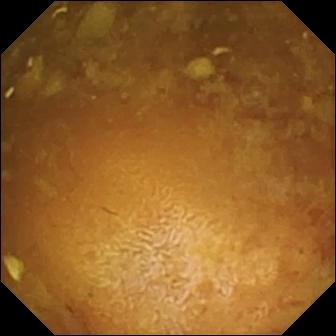Wireless capsule endoscopy image (small intestine). Reduced mucosal view (content or bubbles obscuring the mucosa).